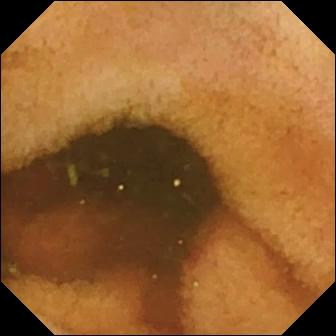modality: WCE
category: anatomical landmark
label: ileo-cecal valve region (where the capsule passes from the small bowel into the large bowel)